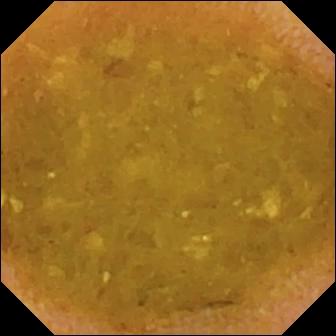Video capsule endoscopy. Small intestine. Impression: reduced mucosal view (content or bubbles obscuring the mucosa).